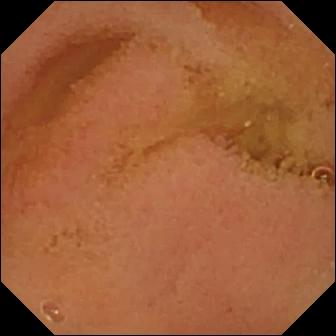Wireless capsule endoscopy image. Normal clean mucosa.